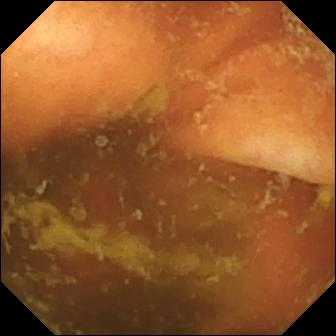Q: Where in the digestive tract was this WCE image taken?
A: Ileo-cecal valve region.